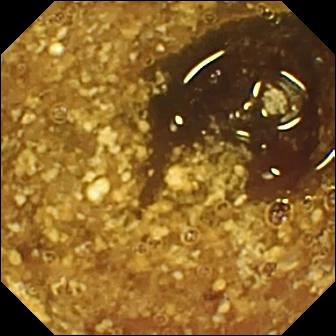WCE. Small bowel. Impression: reduced mucosal view (content or bubbles obscuring the mucosa).